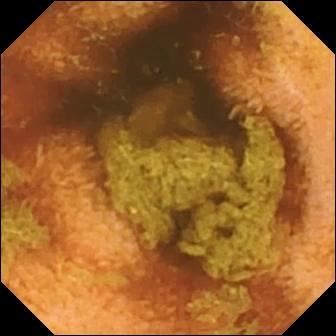WCE still showing normal clean mucosa.